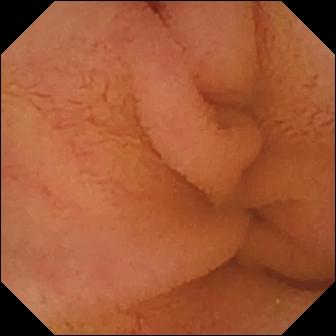Q: What does this VCE frame show?
A: Normal clean mucosa.